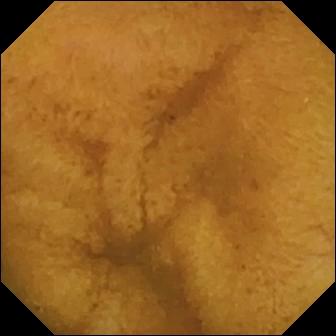Small-bowel capsule endoscopy view, 336×336. Normal clean mucosa.